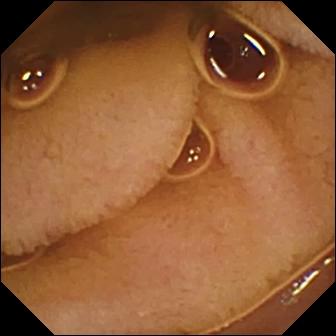- modality: capsule endoscopy
- category: luminal finding
- label: normal clean mucosa